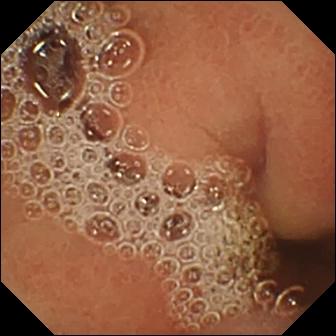PROCEDURE: Video capsule endoscopy.
FINDINGS: Normal clean mucosa.